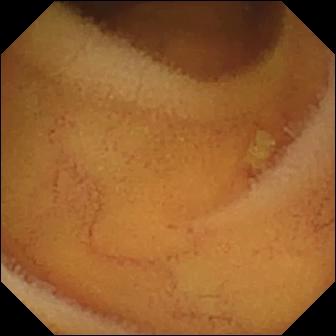Normal clean mucosa — video capsule endoscopy image.